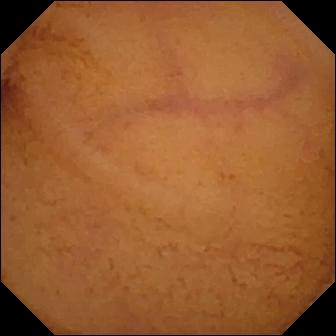Normal clean mucosa — small-bowel capsule endoscopy view of the small intestine.